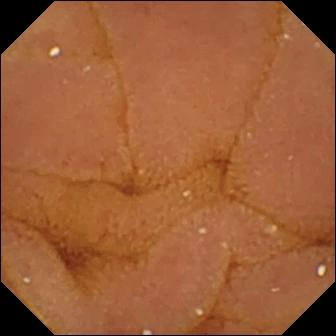Capsule endoscopy still showing normal clean mucosa.